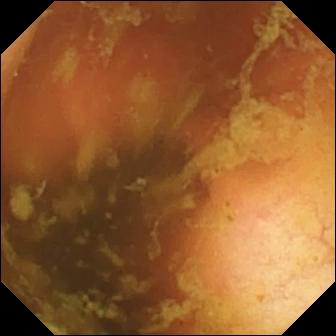WCE. Location: ileo-cecal valve region (where the capsule passes from the small bowel into the large bowel).